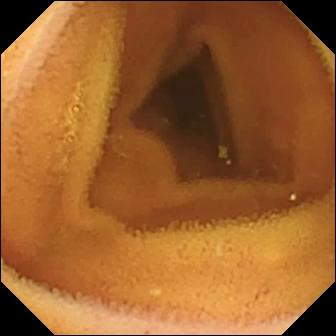Video capsule endoscopy frame, small bowel
Observation: normal clean mucosa